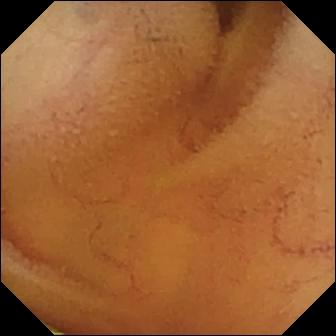Normal clean mucosa — VCE still.